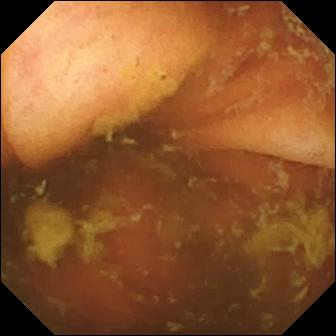Small-bowel capsule endoscopy snapshot taken in the ileo-cecal valve region.